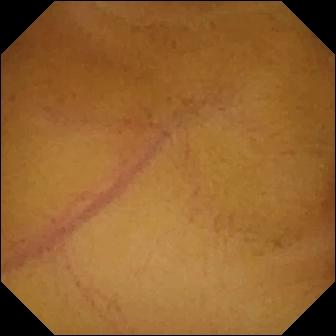PROCEDURE: Wireless capsule endoscopy.
FINDINGS: Normal clean mucosa.